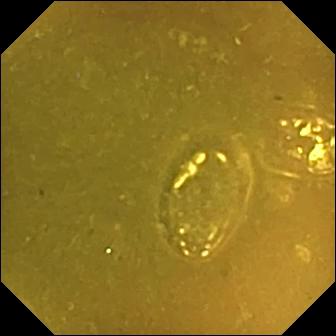This wireless capsule endoscopy image was taken in the ileo-cecal valve region (the transition from the small bowel to the large bowel).